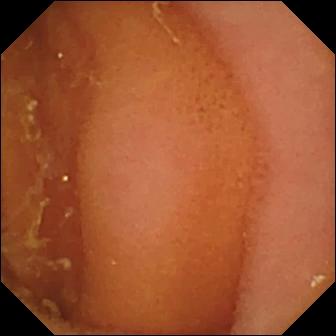Q: What does this capsule endoscopy frame show?
A: Normal clean mucosa.